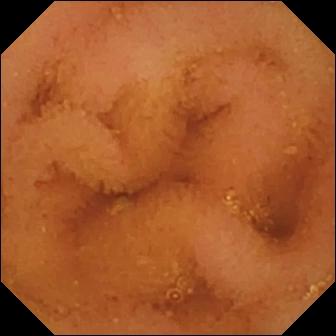WCE view of the small bowel showing normal clean mucosa.